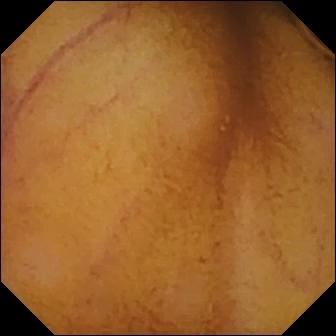Wireless capsule endoscopy still showing normal clean mucosa.